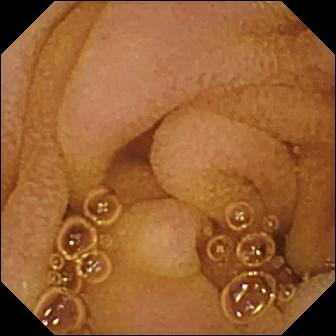Wireless capsule endoscopy still. Normal clean mucosa.